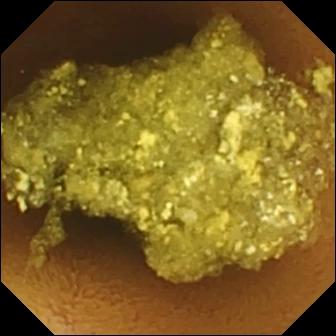- modality: VCE
- finding: normal clean mucosa